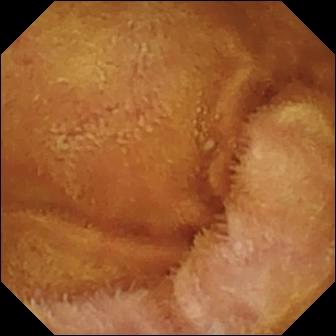Normal clean mucosa — WCE view of the small bowel.